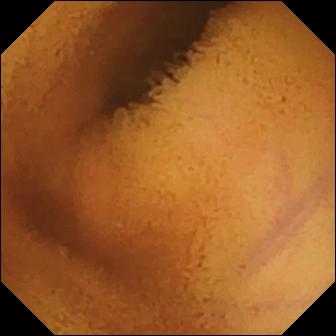- modality: small-bowel capsule endoscopy
- segment: small intestine
- label: normal clean mucosa